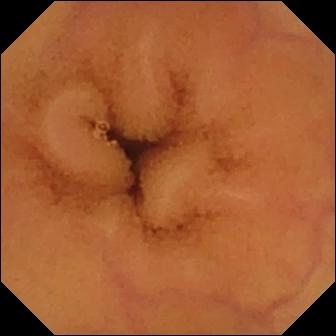This VCE view shows normal clean mucosa.